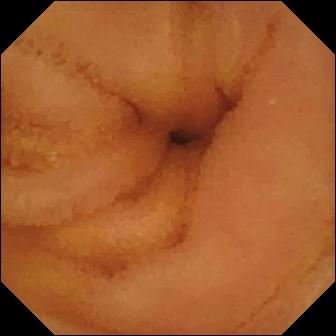- modality: video capsule endoscopy
- observation: normal clean mucosa